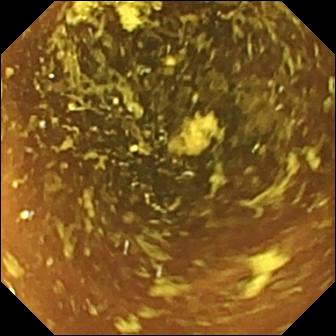PROCEDURE: Video capsule endoscopy.
FINDINGS: Normal clean mucosa.